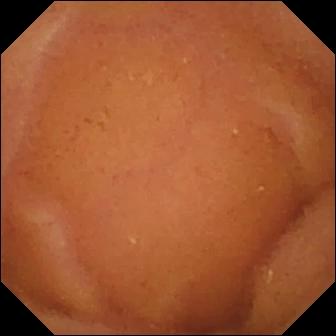Normal clean mucosa.